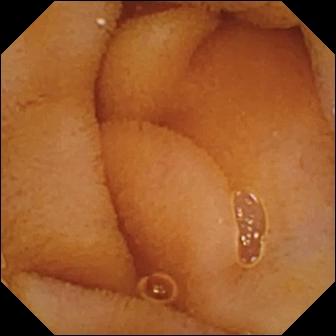modality: small-bowel capsule endoscopy; category: luminal finding; observation: normal clean mucosa